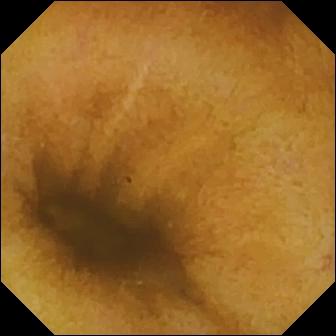VCE still, small intestine
Observation: normal clean mucosa